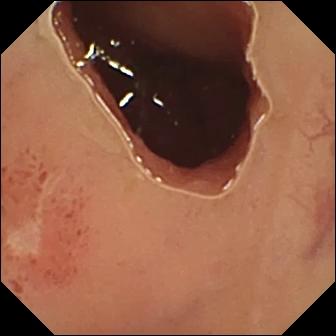PROCEDURE: WCE.
FINDINGS: Ulcer.